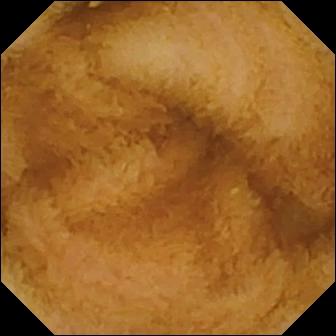WCE view of the small intestine showing normal clean mucosa.